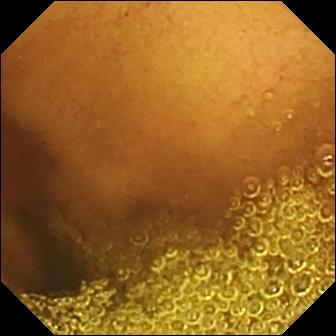Capsule endoscopy view
Finding: normal clean mucosa